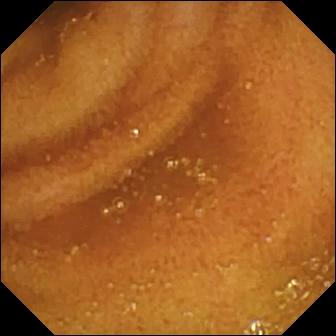Normal clean mucosa — small-bowel capsule endoscopy view.